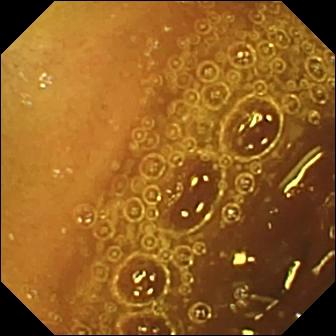- modality: WCE
- label: normal clean mucosa